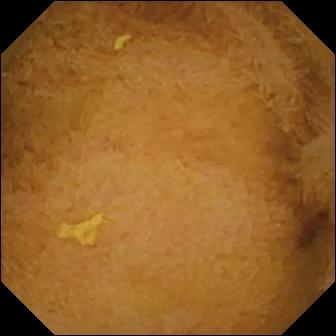- modality: wireless capsule endoscopy
- observation: normal clean mucosa